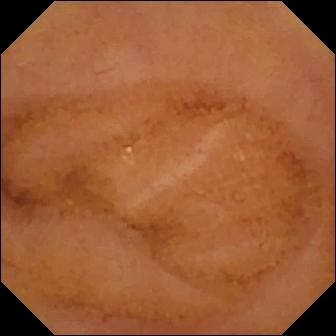PROCEDURE: Wireless capsule endoscopy.
SEGMENT: Small intestine.
FINDINGS: Normal clean mucosa.